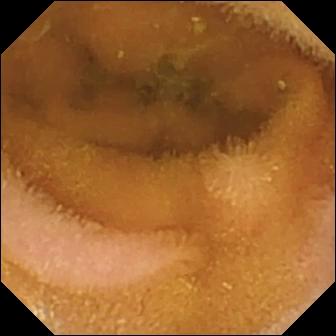Normal clean mucosa — small-bowel capsule endoscopy still of the small bowel.